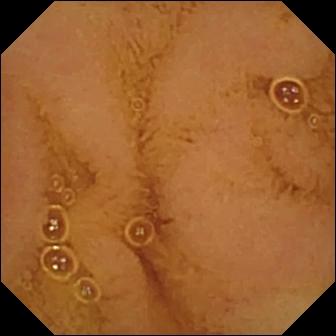- modality: capsule endoscopy
- segment: small intestine
- impression: normal clean mucosa